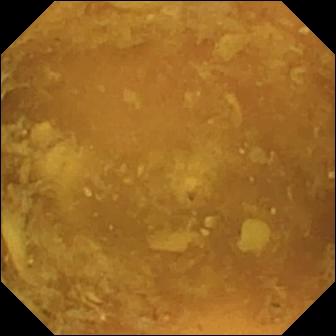Reduced mucosal view (content or bubbles obscuring the mucosa) — wireless capsule endoscopy frame.